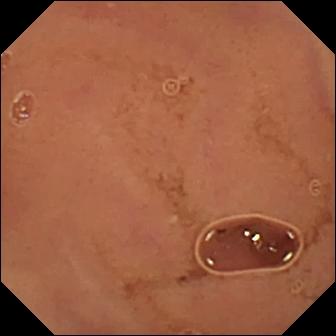Small-bowel capsule endoscopy snapshot, small intestine
Label: normal clean mucosa